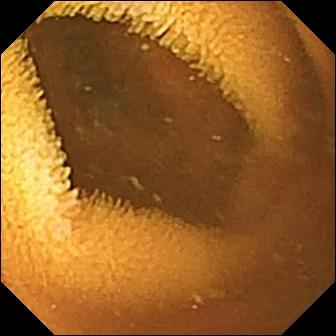- modality: WCE
- finding: normal clean mucosa